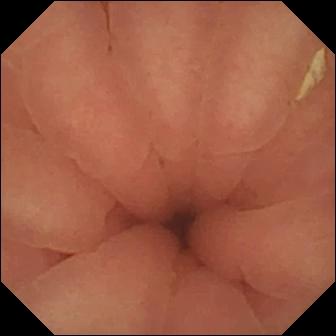modality: WCE; video segment: pylorus region (the junction between the stomach and the small bowel)